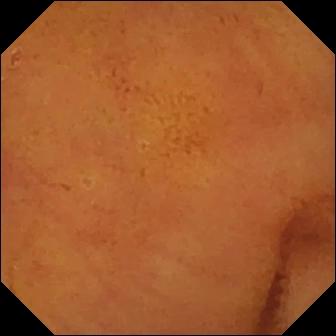Wireless capsule endoscopy frame
Observation: normal clean mucosa